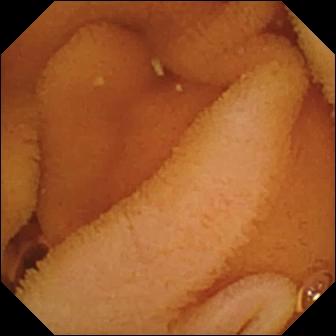Normal clean mucosa — wireless capsule endoscopy image.